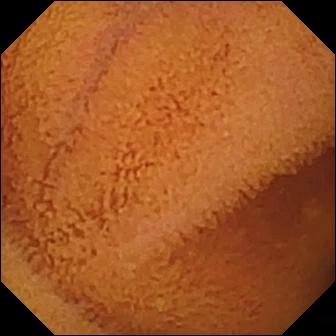Normal clean mucosa.